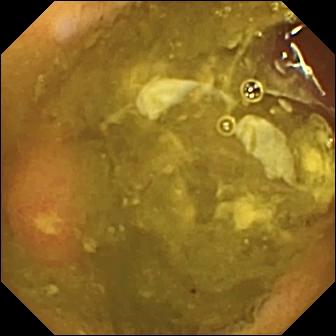modality: WCE | finding: ulcer